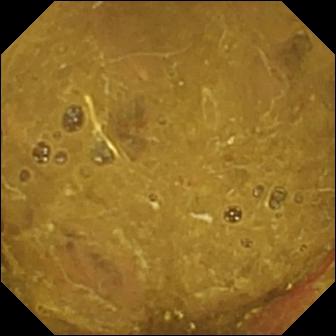{"modality": "small-bowel capsule endoscopy", "location": "ileo-cecal valve region (the transition from the small bowel to the large bowel)"}